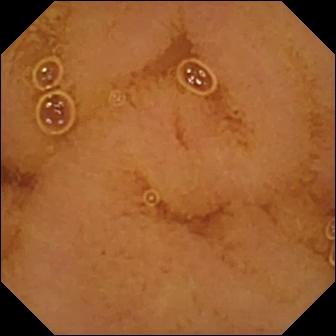Normal clean mucosa (336×336).